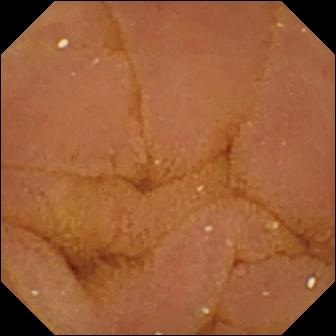Wireless capsule endoscopy snapshot, small bowel
Observation: normal clean mucosa